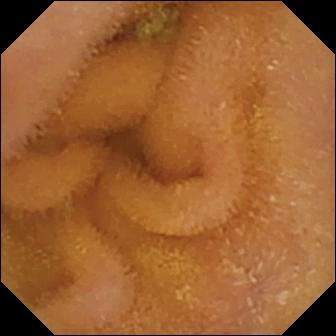{"modality": "video capsule endoscopy", "segment": "small intestine", "finding": "normal clean mucosa"}